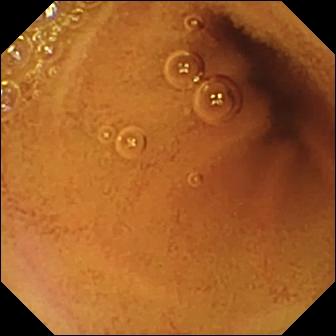- modality: wireless capsule endoscopy
- segment: small bowel
- finding: normal clean mucosa